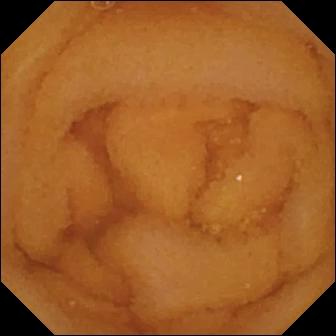modality: VCE; segment: small intestine; impression: normal clean mucosa